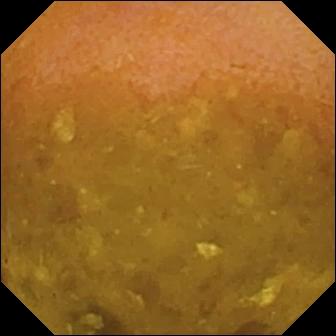PROCEDURE: Wireless capsule endoscopy.
FINDINGS: Reduced mucosal view (content or bubbles obscuring the mucosa).